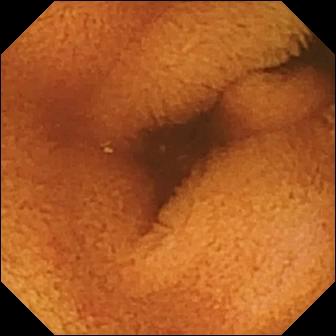modality: video capsule endoscopy
segment: small bowel
category: luminal finding
impression: normal clean mucosa